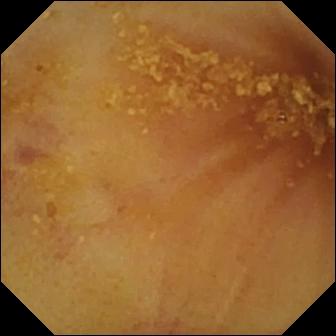This wireless capsule endoscopy snapshot was taken in the ileo-cecal valve region (the transition from the small bowel to the large bowel).